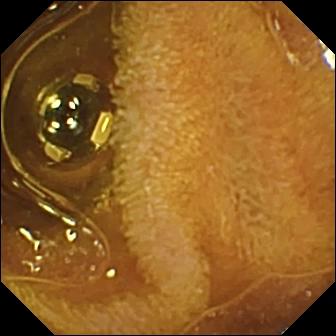Q: What does this VCE snapshot show?
A: Foreign body (e.g. retained capsule, tablet residue).